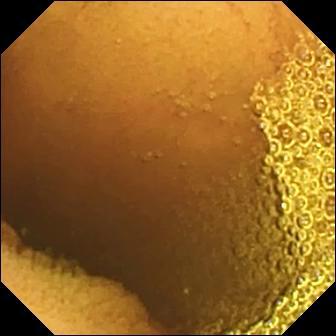Video capsule endoscopy — normal clean mucosa.